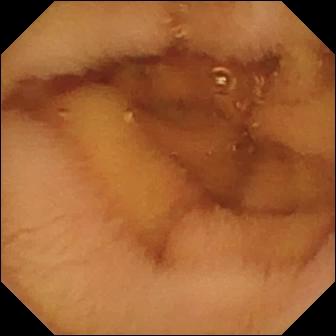modality: VCE | finding: normal clean mucosa